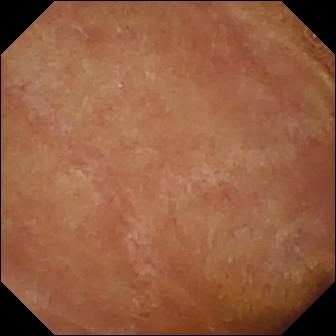Normal clean mucosa.